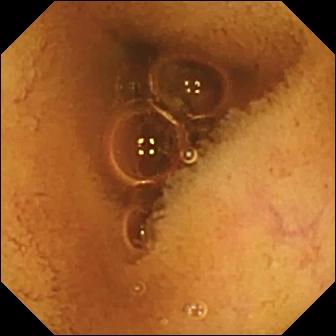Wireless capsule endoscopy image (small intestine), 336×336. Normal clean mucosa.